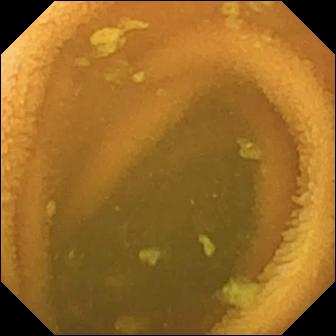PROCEDURE: VCE.
SEGMENT: Small intestine.
FINDINGS: Normal clean mucosa.